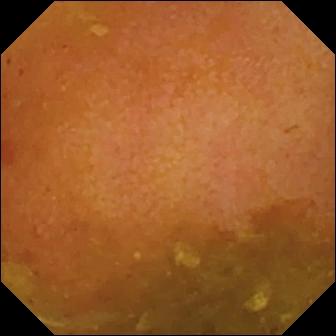Reduced mucosal view (content or bubbles obscuring the mucosa).